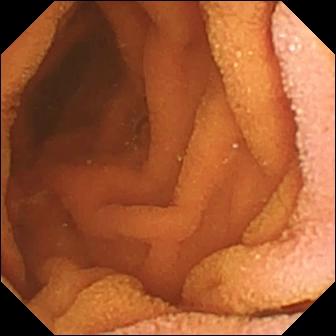Normal clean mucosa.